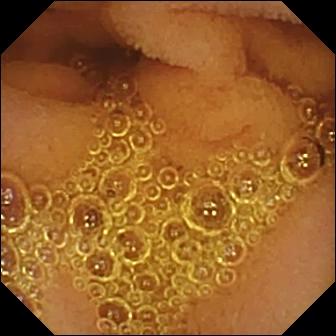Wireless capsule endoscopy snapshot of the small intestine showing normal clean mucosa.